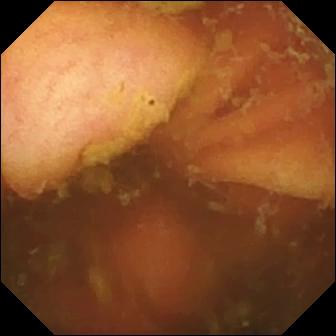This capsule endoscopy snapshot was taken in the ileo-cecal valve region (where the capsule passes from the small bowel into the large bowel).